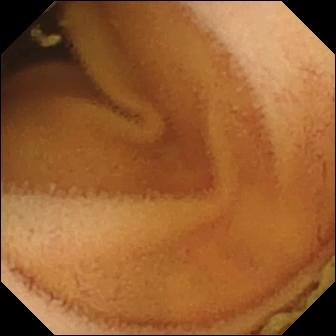Normal clean mucosa — wireless capsule endoscopy view.